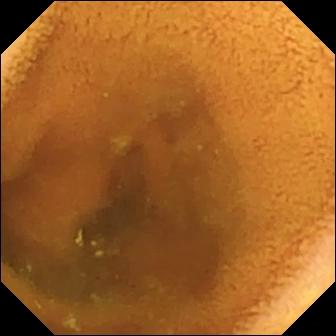modality: capsule endoscopy
segment: small intestine
impression: normal clean mucosa